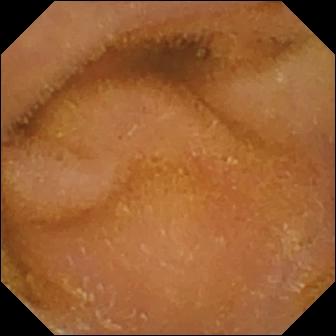Video capsule endoscopy. Small bowel. Luminal finding. Impression: normal clean mucosa.